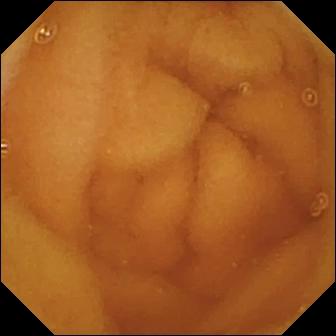This video capsule endoscopy snapshot shows normal clean mucosa.